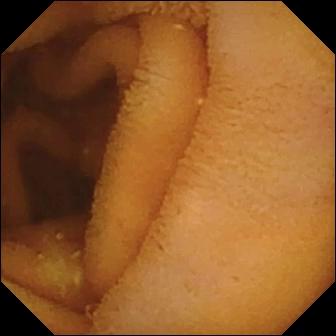Video capsule endoscopy view, small bowel
Impression: normal clean mucosa